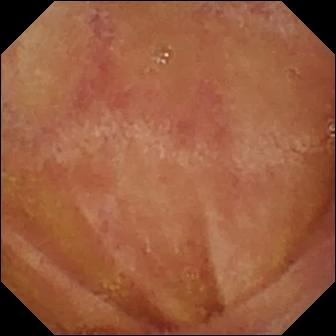VCE — normal clean mucosa.